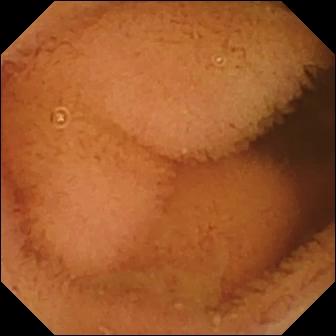Capsule endoscopy — normal clean mucosa.